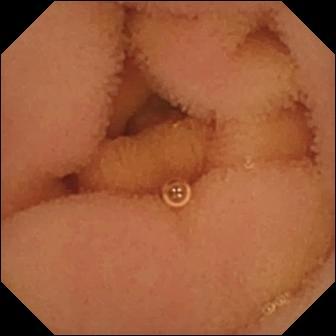{"modality": "video capsule endoscopy", "segment": "small bowel", "finding": "normal clean mucosa"}